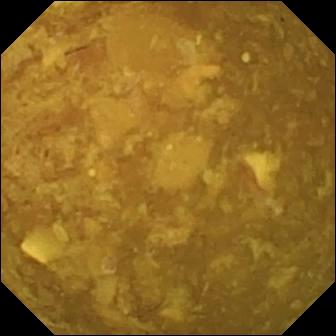- modality: small-bowel capsule endoscopy
- segment: small intestine
- label: reduced mucosal view (content or bubbles obscuring the mucosa)